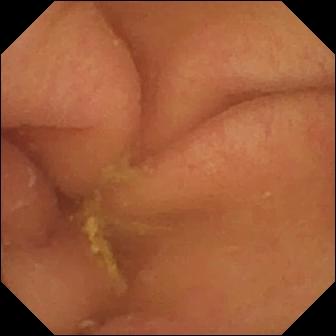Capsule endoscopy image taken in the pylorus region (the junction between the stomach and the small bowel).